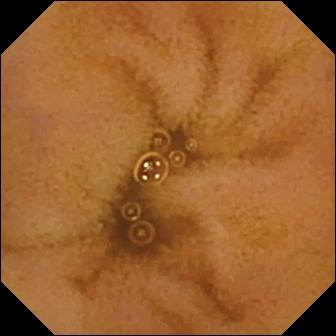Capsule endoscopy. Small intestine. Luminal finding. Finding: normal clean mucosa.